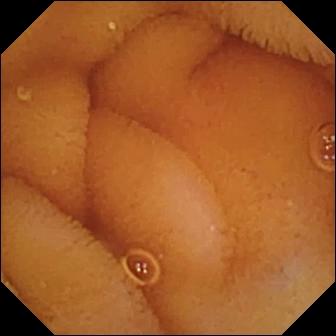WCE snapshot of the small intestine showing normal clean mucosa.